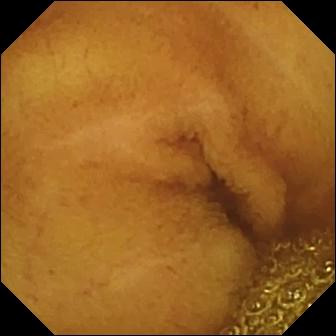This WCE image shows normal clean mucosa.